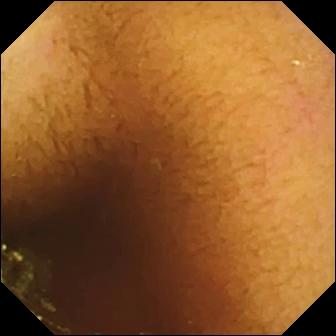Normal clean mucosa (336×336).